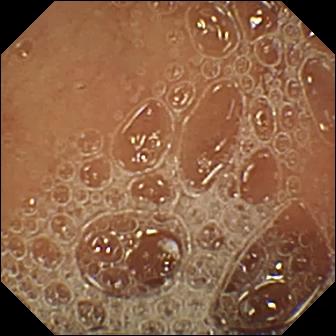This small-bowel capsule endoscopy snapshot shows normal clean mucosa.